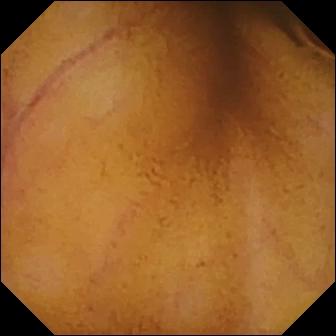Normal clean mucosa — capsule endoscopy frame of the small bowel.